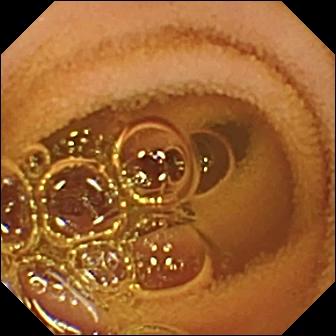VCE. Impression: normal clean mucosa.